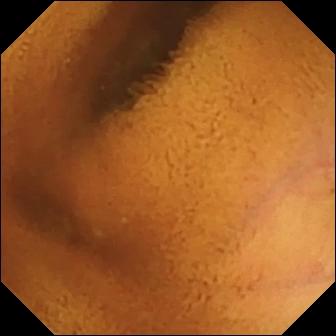Small-bowel capsule endoscopy frame, 336×336. Normal clean mucosa.